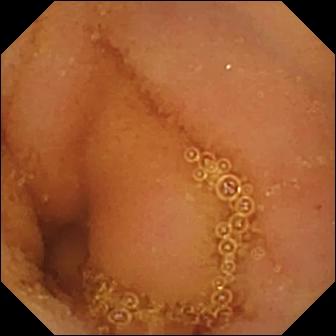- modality: capsule endoscopy
- category: luminal finding
- impression: normal clean mucosa